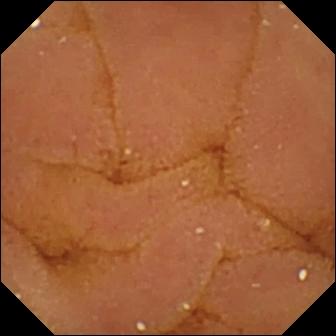Normal clean mucosa — capsule endoscopy view.